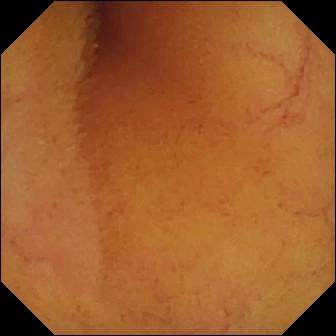WCE image showing normal clean mucosa.